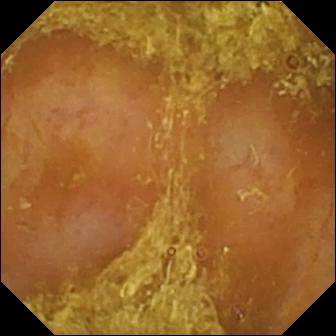Wireless capsule endoscopy image
Finding: reduced mucosal view (content or bubbles obscuring the mucosa)